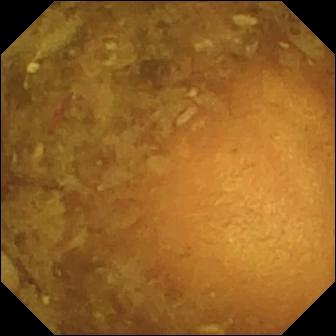Reduced mucosal view (content or bubbles obscuring the mucosa) (336×336).